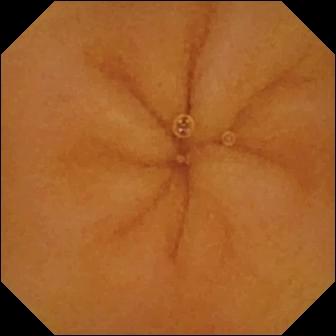Wireless capsule endoscopy view, small intestine
Finding: normal clean mucosa